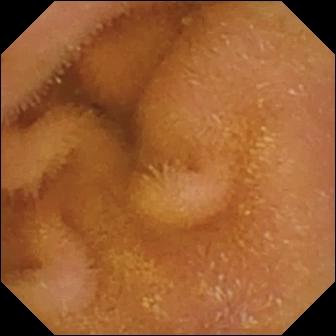Capsule endoscopy — normal clean mucosa.